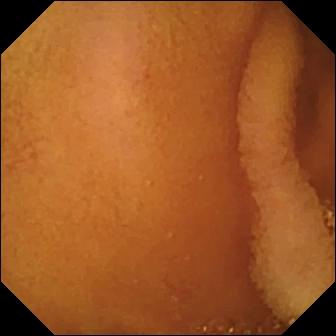{"modality": "capsule endoscopy", "segment": "small intestine", "finding": "normal clean mucosa"}